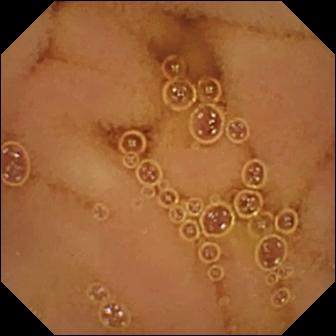Video capsule endoscopy — normal clean mucosa.